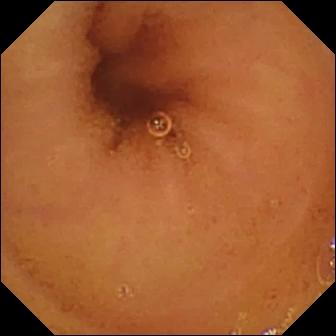Q: What does this small-bowel capsule endoscopy frame of the small intestine show?
A: Normal clean mucosa.